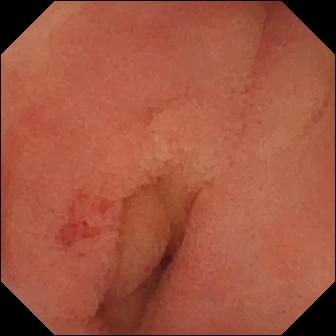modality: VCE; finding: angiectasia